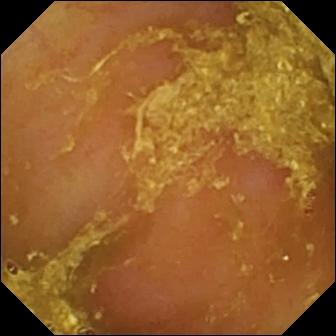WCE — reduced mucosal view (content or bubbles obscuring the mucosa).